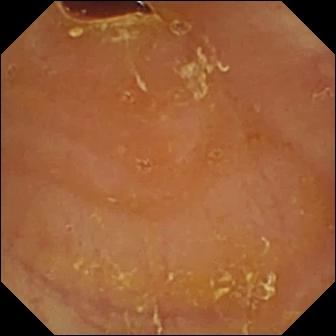modality: VCE; impression: reduced mucosal view (content or bubbles obscuring the mucosa)